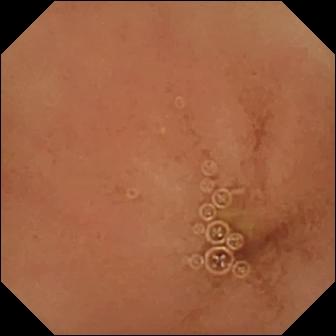Q: What does this capsule endoscopy snapshot show?
A: Normal clean mucosa.